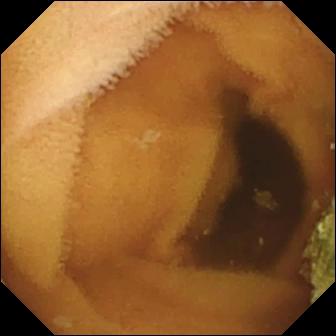Small-bowel capsule endoscopy. Small intestine. Luminal finding. Label: normal clean mucosa.